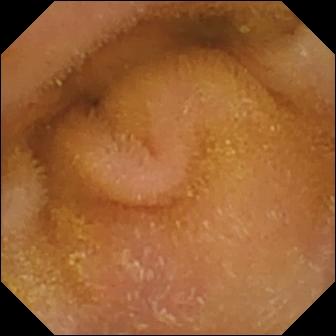Wireless capsule endoscopy. Small intestine. Impression: normal clean mucosa.